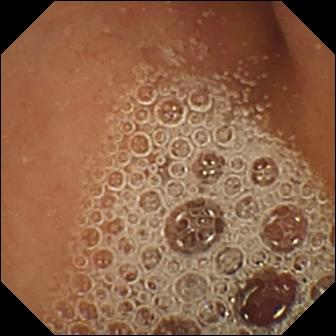VCE still showing normal clean mucosa.